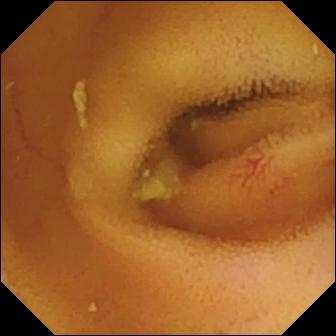WCE view showing angiectasia.